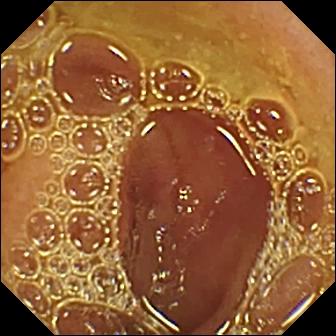- modality: capsule endoscopy
- segment: small bowel
- observation: normal clean mucosa